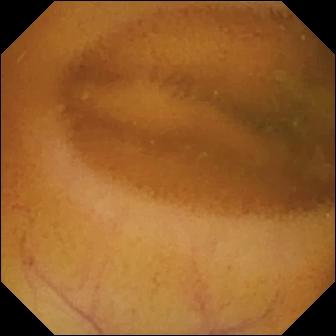VCE image showing normal clean mucosa.